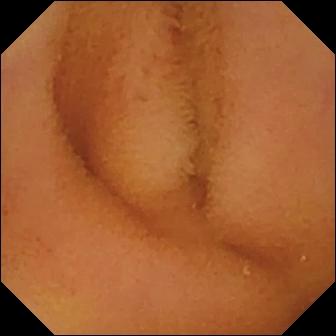Normal clean mucosa — capsule endoscopy still of the small intestine.